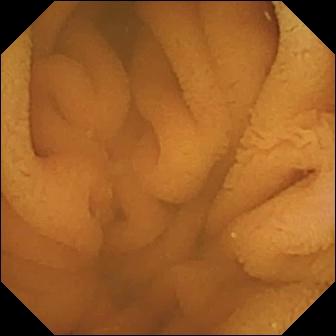Wireless capsule endoscopy view (small intestine). Normal clean mucosa.